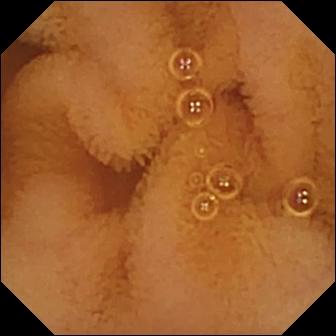WCE frame, small bowel
Label: normal clean mucosa